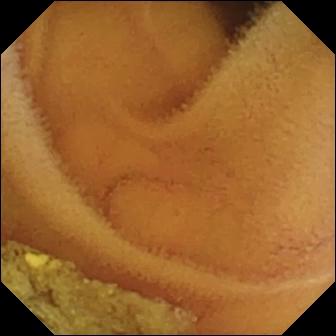modality: WCE | observation: normal clean mucosa